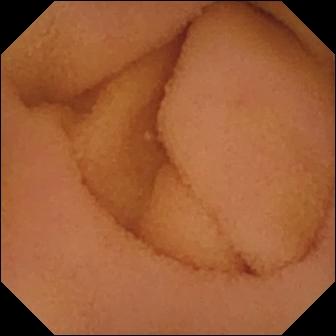Normal clean mucosa — small-bowel capsule endoscopy view.